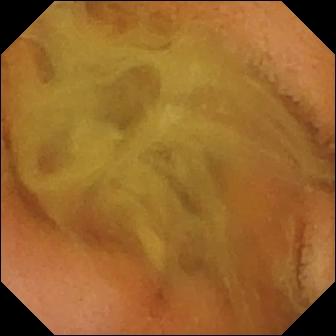WCE frame showing normal clean mucosa.